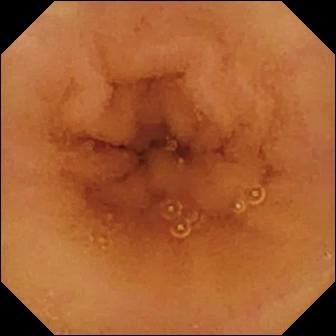Small-bowel capsule endoscopy — normal clean mucosa.